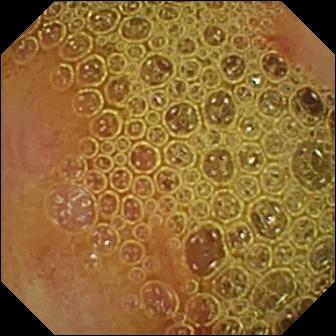Erosion.